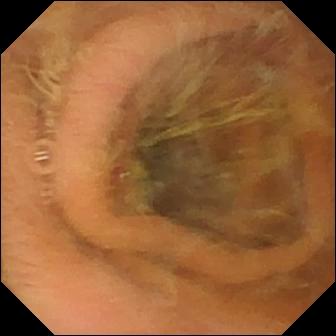Capsule endoscopy still taken in the pylorus region (where the capsule passes from the stomach into the small bowel).